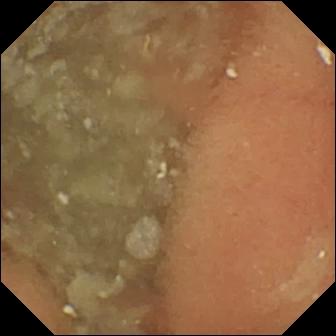modality: VCE; segment: small bowel; category: luminal finding; label: normal clean mucosa